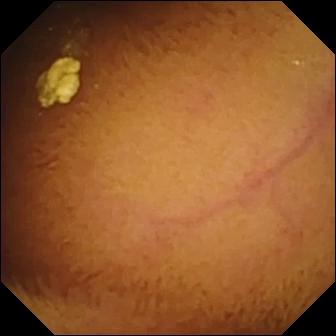{"modality": "WCE", "finding": "normal clean mucosa"}